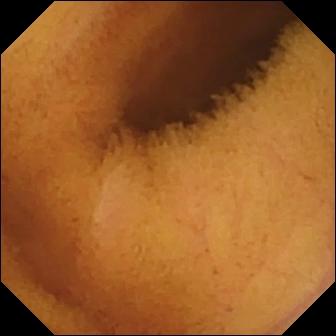WCE image (small intestine), 336×336. Normal clean mucosa.